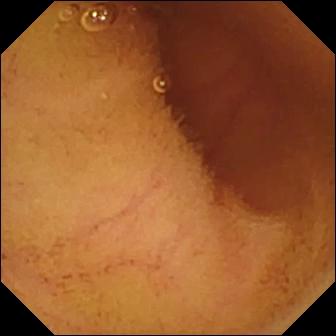Small-bowel capsule endoscopy. Small intestine. Finding: normal clean mucosa.